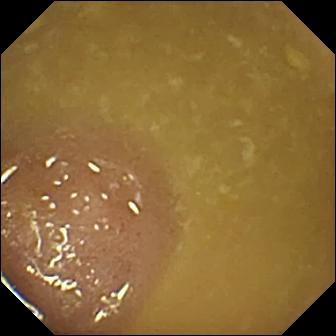Q: Where in the digestive tract was this wireless capsule endoscopy snapshot taken?
A: Ileo-cecal valve region (where the capsule passes from the small bowel into the large bowel).